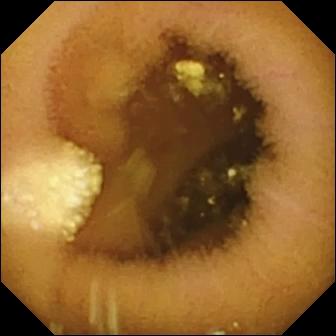- modality: wireless capsule endoscopy
- impression: lymphangiectasia